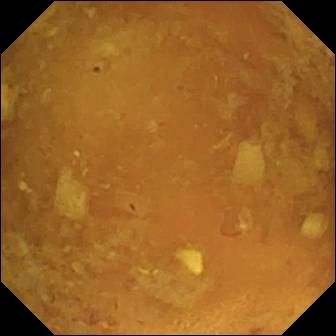Small-bowel capsule endoscopy image (small intestine). Reduced mucosal view (content or bubbles obscuring the mucosa).